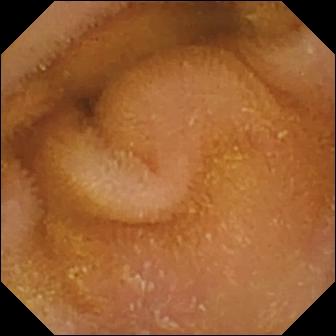Small-bowel capsule endoscopy view, small intestine
Observation: normal clean mucosa